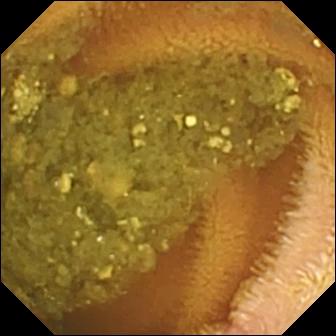{"modality": "capsule endoscopy", "segment": "small intestine", "category": "luminal finding", "finding": "reduced mucosal view (content or bubbles obscuring the mucosa)"}